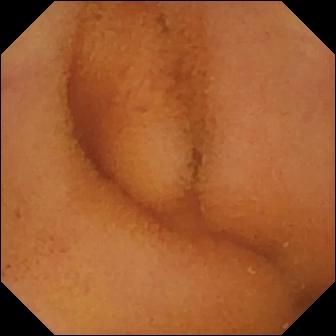Q: What does this video capsule endoscopy still show?
A: Normal clean mucosa.